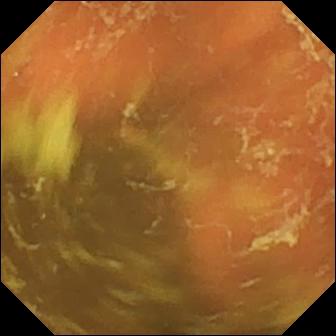Capsule endoscopy still. Taken in the ileo-cecal valve region (where the capsule passes from the small bowel into the large bowel).